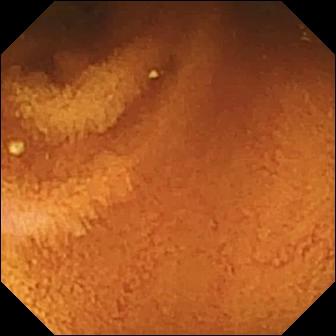- modality: capsule endoscopy
- segment: small bowel
- impression: normal clean mucosa